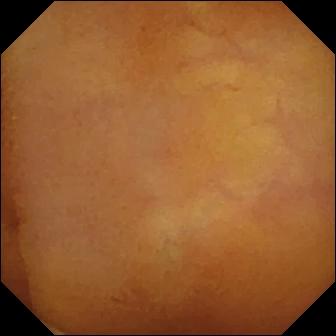Q: What does this wireless capsule endoscopy snapshot of the small intestine show?
A: Normal clean mucosa.